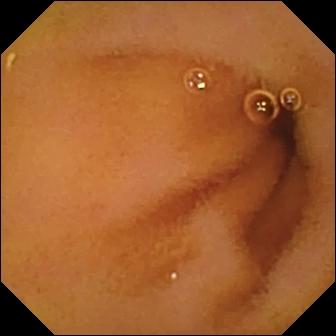Small-bowel capsule endoscopy. Luminal finding. Label: normal clean mucosa.